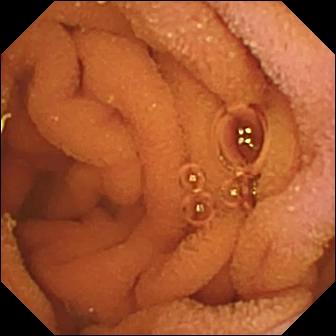This wireless capsule endoscopy frame of the small bowel shows normal clean mucosa.